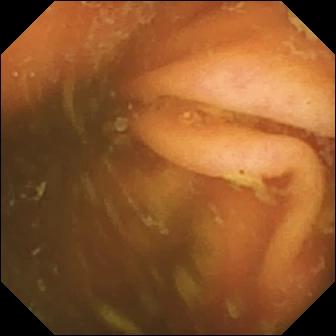Ileo-cecal valve region (where the capsule passes from the small bowel into the large bowel).